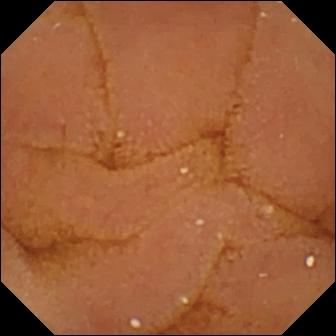Q: What does this WCE image of the small intestine show?
A: Normal clean mucosa.